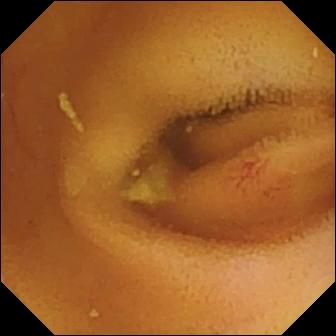- modality: video capsule endoscopy
- finding: angiectasia